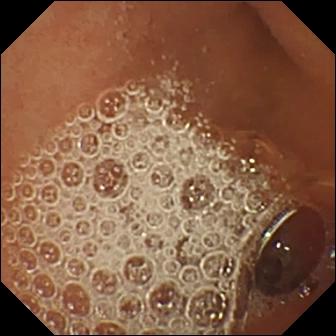PROCEDURE: Video capsule endoscopy.
FINDINGS: Normal clean mucosa.